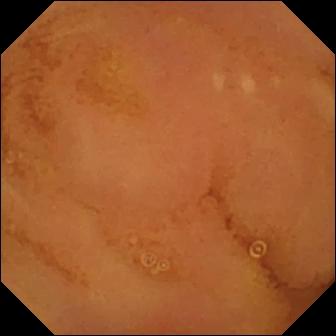Capsule endoscopy view of the small intestine showing normal clean mucosa.